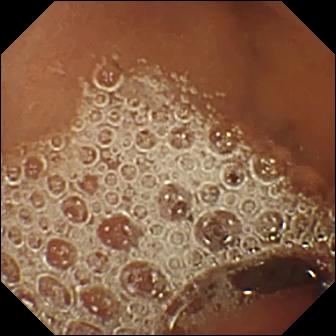WCE snapshot. Normal clean mucosa.